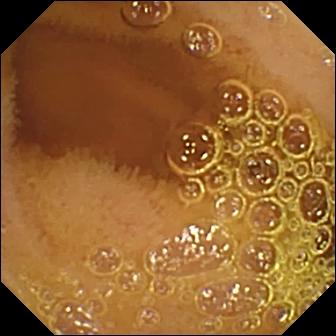Small-bowel capsule endoscopy still, small bowel
Impression: normal clean mucosa